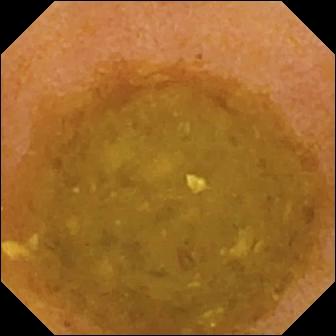- modality: capsule endoscopy
- impression: reduced mucosal view (content or bubbles obscuring the mucosa)